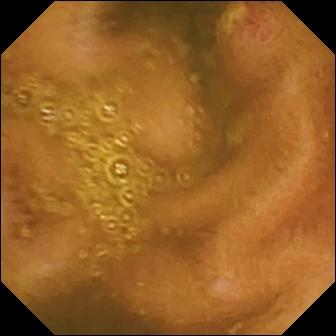WCE snapshot
Impression: ulcer